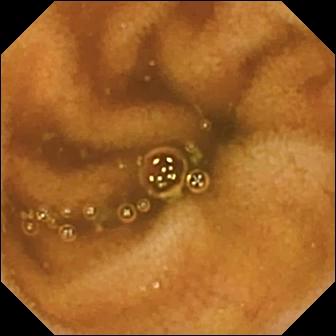Normal clean mucosa — video capsule endoscopy frame of the small intestine.